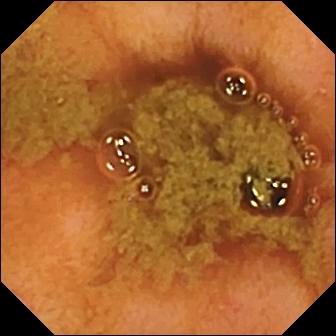Capsule endoscopy — ileo-cecal valve region.